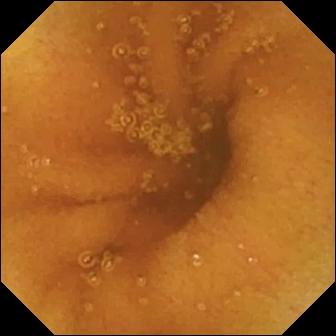- modality: VCE
- category: luminal finding
- label: normal clean mucosa